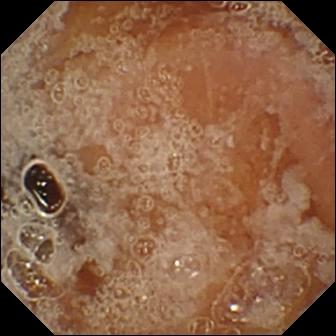modality: WCE | label: pylorus region (where the capsule passes from the stomach into the small bowel)